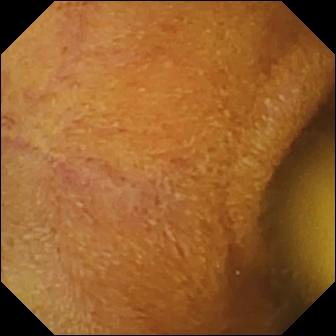Foreign body (e.g. retained capsule, tablet residue) — small-bowel capsule endoscopy frame.